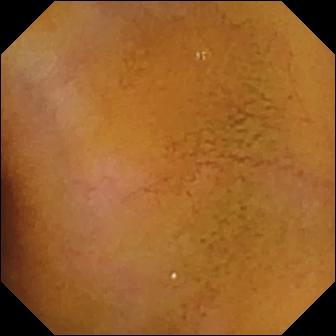Q: What does this wireless capsule endoscopy snapshot show?
A: Normal clean mucosa.